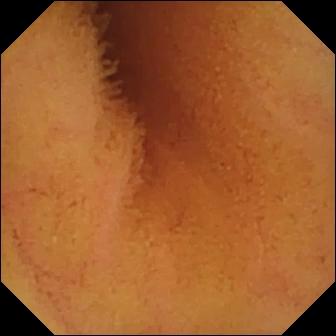{"modality": "WCE", "segment": "small intestine", "category": "luminal finding", "finding": "normal clean mucosa"}